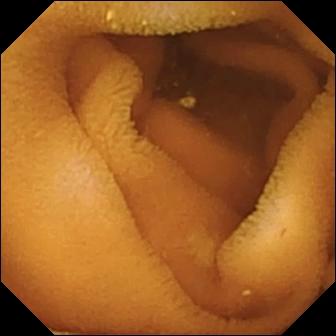WCE image of the small intestine showing normal clean mucosa.